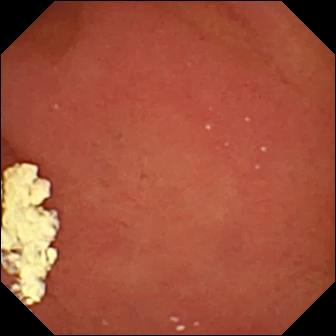Wireless capsule endoscopy view taken in the pylorus region.